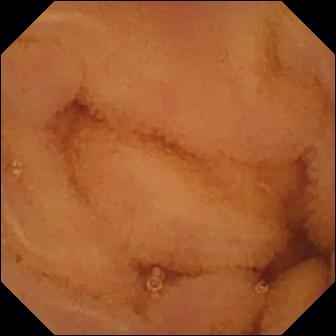Normal clean mucosa (336×336).